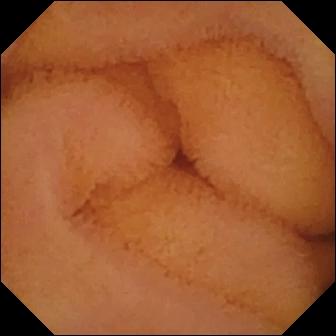PROCEDURE: VCE.
SEGMENT: Small bowel.
FINDINGS: Normal clean mucosa.